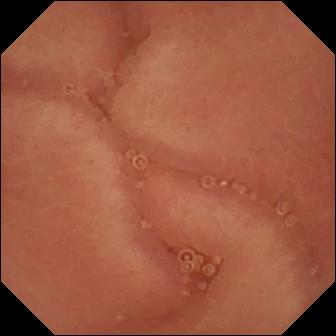Small-bowel capsule endoscopy. Near an anatomical landmark. Position: pylorus region (where the capsule passes from the stomach into the small bowel).